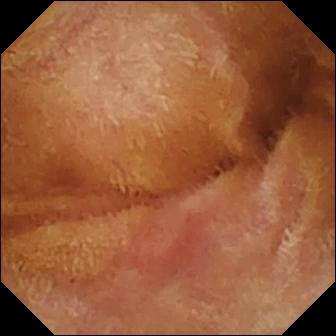WCE — normal clean mucosa.